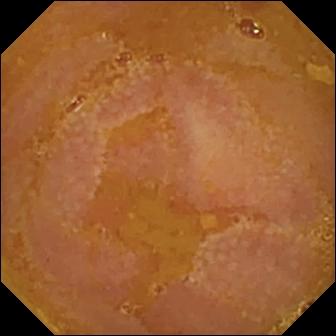VCE — reduced mucosal view (content or bubbles obscuring the mucosa).